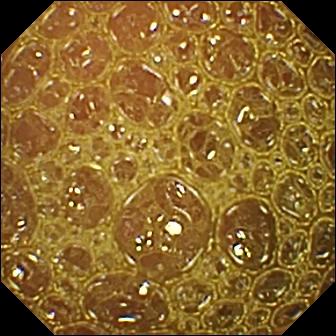- modality: WCE
- category: luminal finding
- impression: reduced mucosal view (content or bubbles obscuring the mucosa)